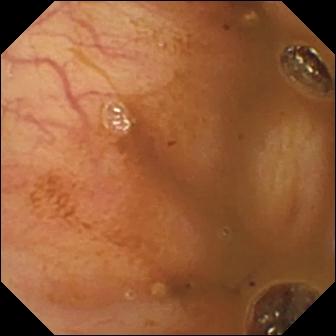PROCEDURE: VCE.
LABEL: Ileo-cecal valve region (where the capsule passes from the small bowel into the large bowel).